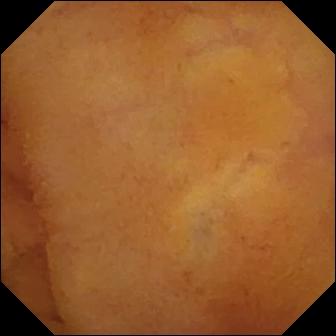{"modality": "wireless capsule endoscopy", "category": "luminal finding", "finding": "normal clean mucosa"}